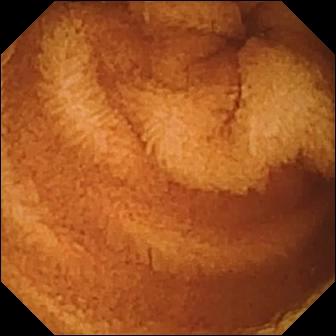{"modality": "video capsule endoscopy", "finding": "normal clean mucosa"}